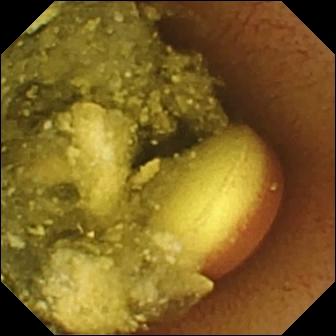- modality: wireless capsule endoscopy
- label: foreign body (e.g. retained capsule, tablet residue)